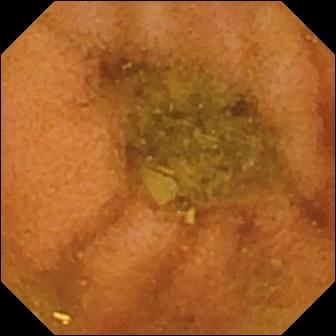- modality: video capsule endoscopy
- segment: small bowel
- category: luminal finding
- observation: normal clean mucosa